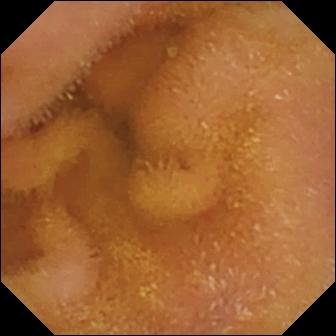Normal clean mucosa.